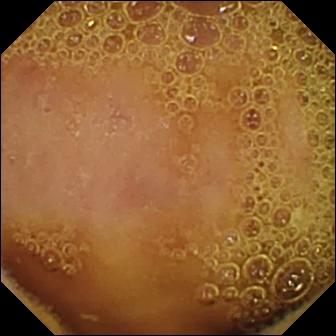This wireless capsule endoscopy still of the small bowel shows normal clean mucosa.